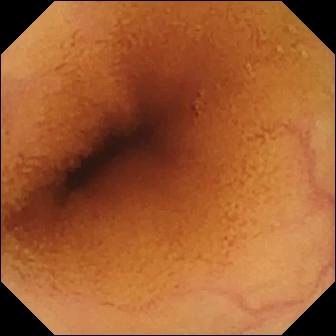PROCEDURE: WCE.
SEGMENT: Small intestine.
FINDINGS: Normal clean mucosa.